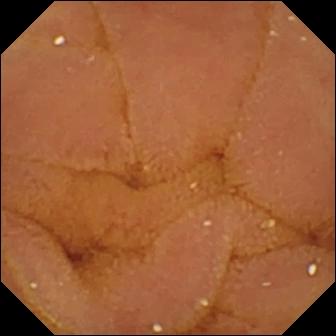Normal clean mucosa (336×336).